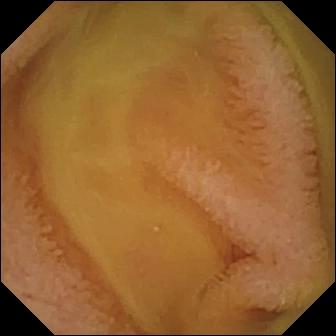WCE view, small bowel
Impression: normal clean mucosa